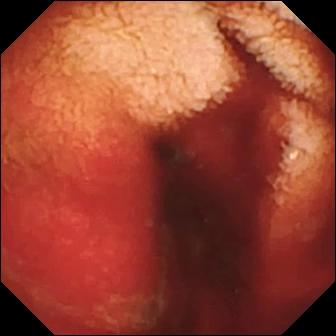Q: What does this WCE image show?
A: Fresh blood in the lumen.